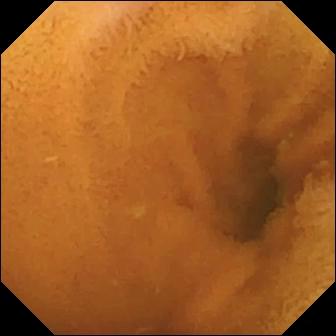PROCEDURE: VCE.
FINDINGS: Normal clean mucosa.